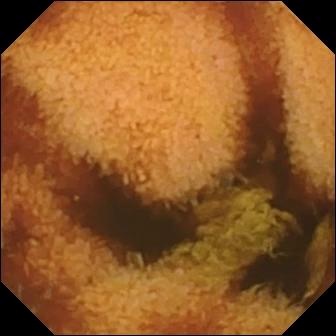- modality: small-bowel capsule endoscopy
- segment: small bowel
- category: luminal finding
- impression: normal clean mucosa